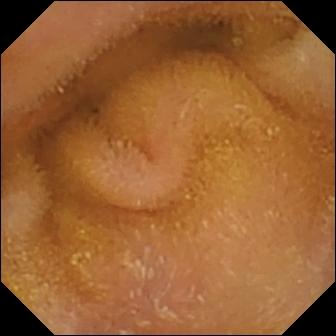Wireless capsule endoscopy. Label: normal clean mucosa.